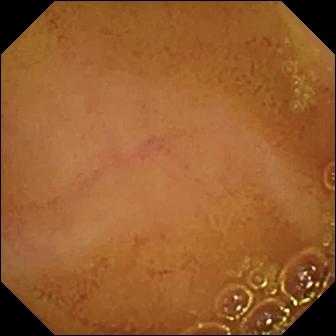This WCE snapshot of the small bowel shows normal clean mucosa.